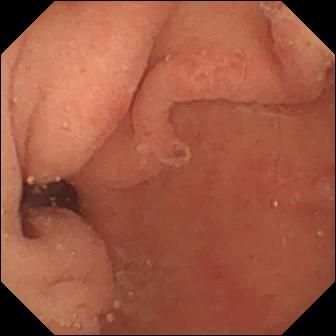Wireless capsule endoscopy — pylorus region.